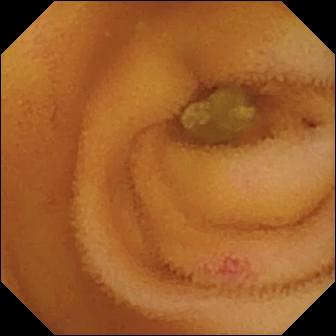WCE. Luminal finding. Observation: angiectasia.